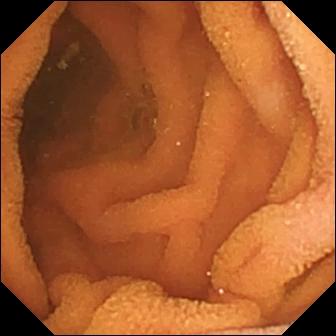Video capsule endoscopy. Small bowel. Observation: normal clean mucosa.